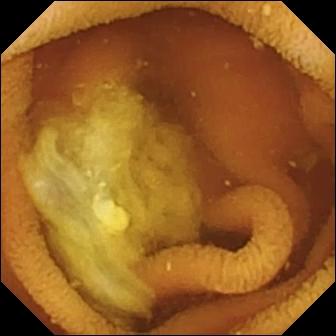modality: VCE; observation: normal clean mucosa